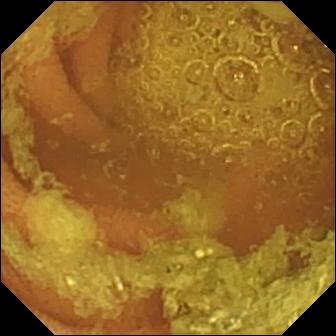Q: What does this capsule endoscopy view show?
A: Normal clean mucosa.